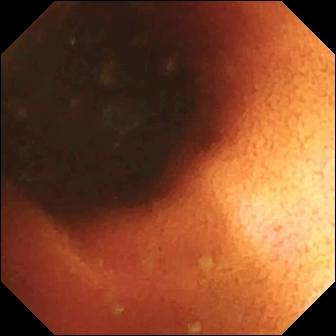Ileo-cecal valve region (the transition from the small bowel to the large bowel).